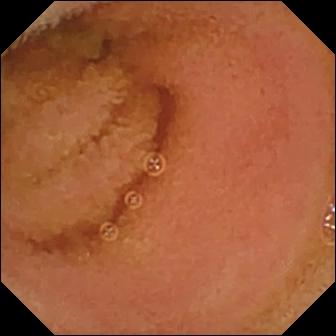Q: What does this wireless capsule endoscopy image of the small bowel show?
A: Normal clean mucosa.